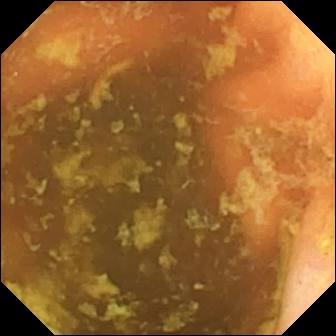Ileo-cecal valve region — small-bowel capsule endoscopy frame.